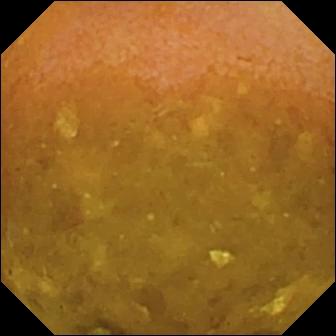Q: What does this capsule endoscopy view of the small intestine show?
A: Reduced mucosal view (content or bubbles obscuring the mucosa).